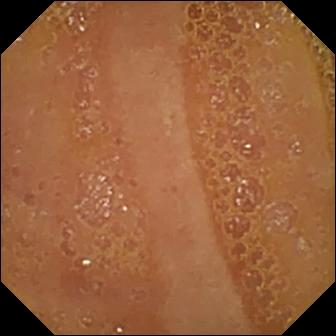- modality: WCE
- segment: small bowel
- category: luminal finding
- observation: normal clean mucosa